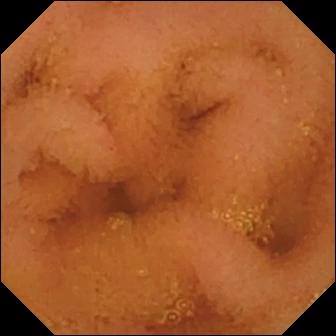Wireless capsule endoscopy image showing normal clean mucosa.